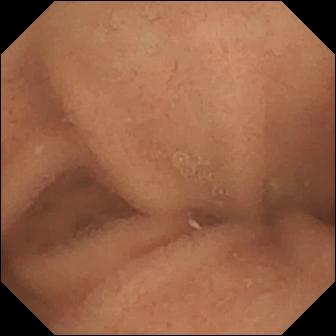PROCEDURE: Video capsule endoscopy.
SEGMENT: Small intestine.
FINDINGS: Normal clean mucosa.